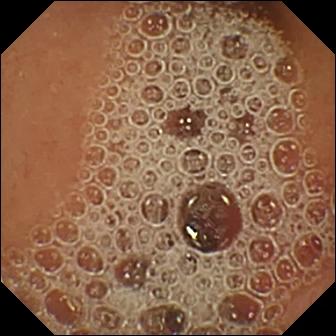{"modality": "video capsule endoscopy", "finding": "normal clean mucosa"}